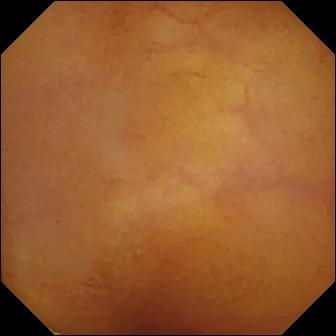Capsule endoscopy. Small intestine. Impression: normal clean mucosa.